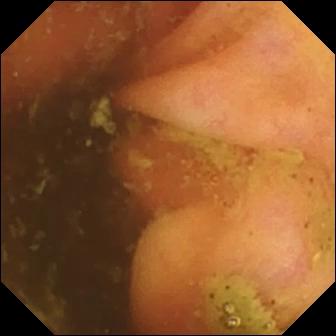Video capsule endoscopy image taken in the ileo-cecal valve region.